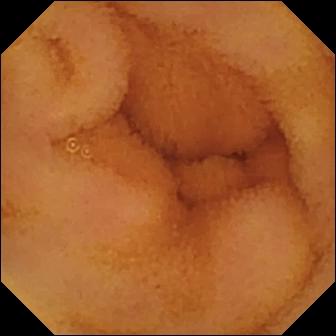This WCE image shows normal clean mucosa.